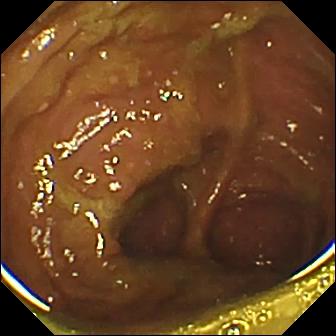Ileo-cecal valve region (the transition from the small bowel to the large bowel).